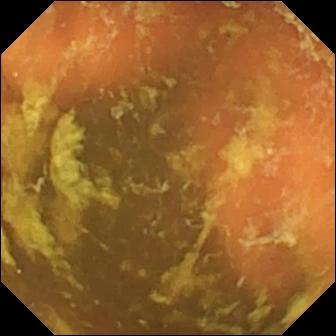Q: Where in the digestive tract was this capsule endoscopy snapshot taken?
A: Ileo-cecal valve region (the transition from the small bowel to the large bowel).